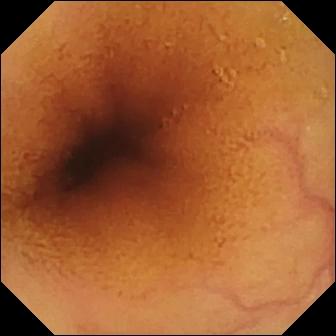WCE still showing normal clean mucosa.